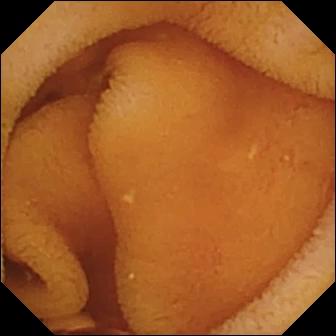Video capsule endoscopy. Small intestine. Impression: normal clean mucosa.